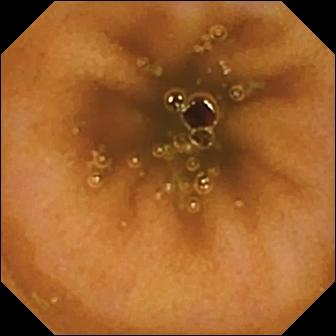Capsule endoscopy still. Normal clean mucosa.